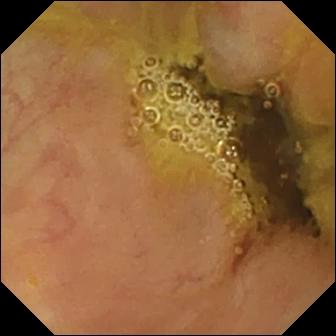Q: Where in the digestive tract was this small-bowel capsule endoscopy still taken?
A: Ileo-cecal valve region.